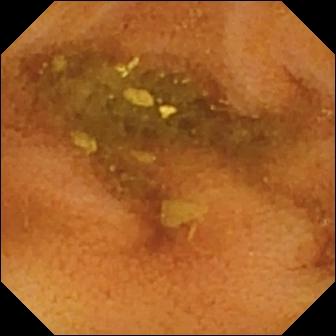Video capsule endoscopy still of the small intestine showing normal clean mucosa.